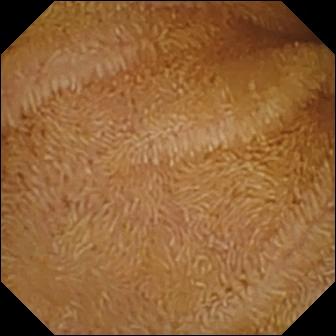{"modality": "capsule endoscopy", "finding": "normal clean mucosa"}